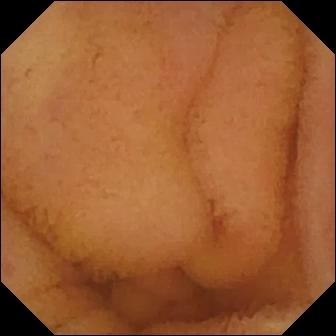Q: What does this video capsule endoscopy image show?
A: Normal clean mucosa.